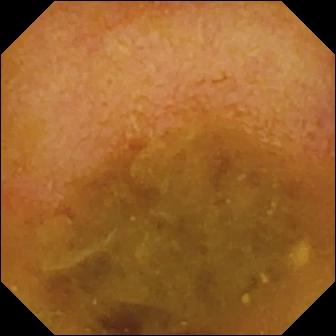- modality: video capsule endoscopy
- segment: small bowel
- category: luminal finding
- observation: reduced mucosal view (content or bubbles obscuring the mucosa)